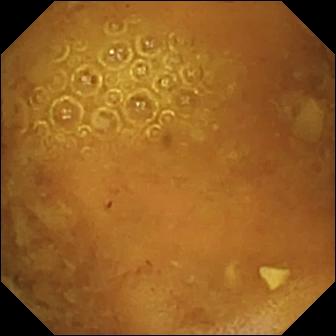PROCEDURE: Capsule endoscopy.
FINDINGS: Reduced mucosal view (content or bubbles obscuring the mucosa).